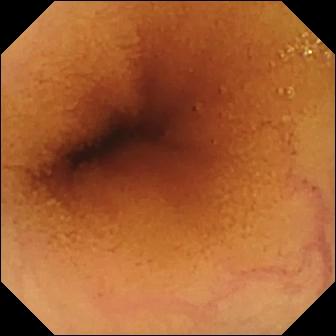Video capsule endoscopy. Small bowel. Luminal finding. Label: normal clean mucosa.